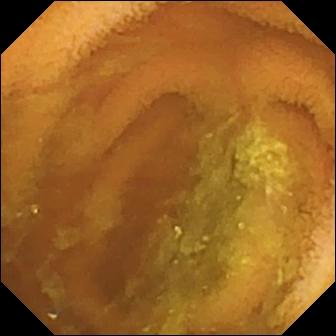This small-bowel capsule endoscopy still of the small bowel shows normal clean mucosa.